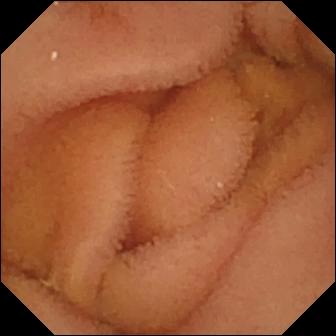modality: wireless capsule endoscopy
segment: small bowel
finding: normal clean mucosa